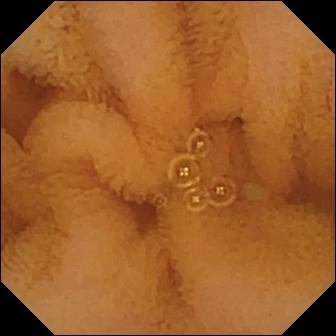This WCE still shows normal clean mucosa.